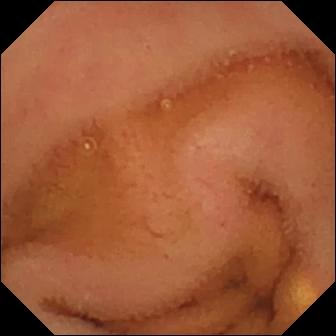- modality: wireless capsule endoscopy
- segment: small bowel
- category: luminal finding
- observation: normal clean mucosa